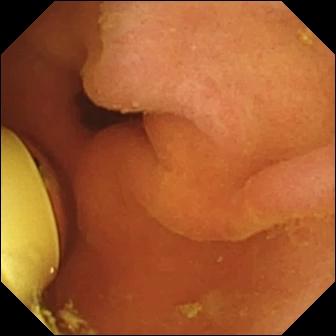VCE — foreign body (e.g. retained capsule, tablet residue).